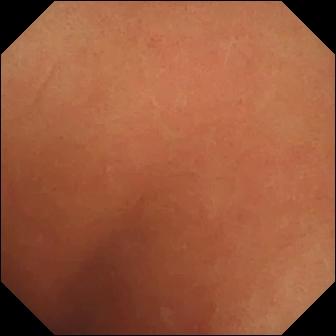VCE. Luminal finding. Label: normal clean mucosa.